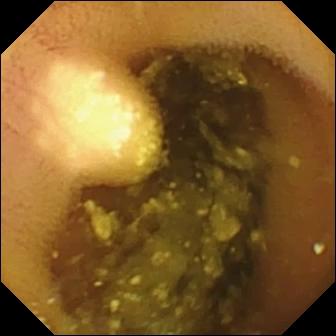VCE. Finding: lymphangiectasia.